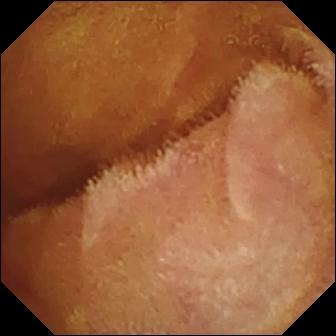modality: VCE | segment: small intestine | category: luminal finding | finding: normal clean mucosa